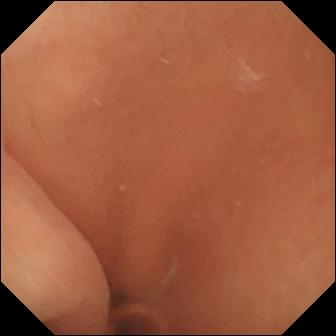Small-bowel capsule endoscopy still
Label: normal clean mucosa